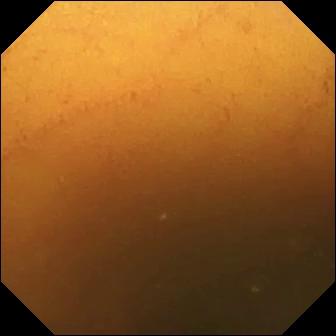Capsule endoscopy — normal clean mucosa.